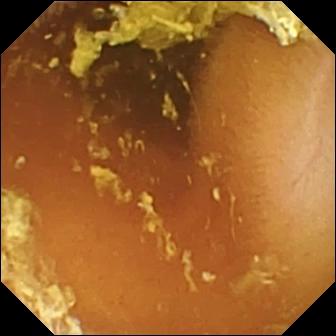WCE frame of the small bowel showing normal clean mucosa.